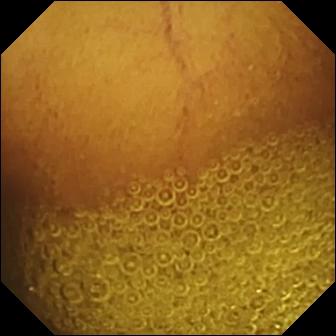{"modality": "video capsule endoscopy", "finding": "normal clean mucosa"}